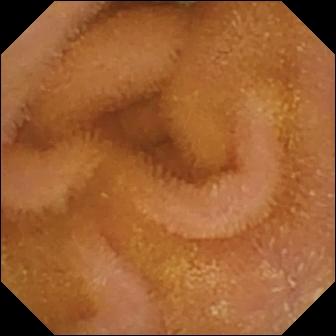- modality: capsule endoscopy
- segment: small intestine
- finding: normal clean mucosa